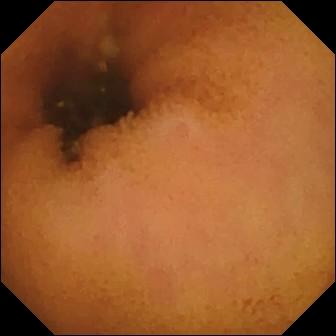PROCEDURE: Capsule endoscopy.
SEGMENT: Small bowel.
FINDINGS: Normal clean mucosa.